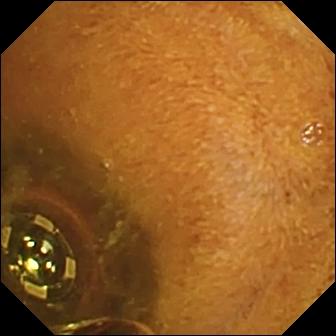Q: What does this video capsule endoscopy snapshot show?
A: Foreign body (e.g. retained capsule, tablet residue).